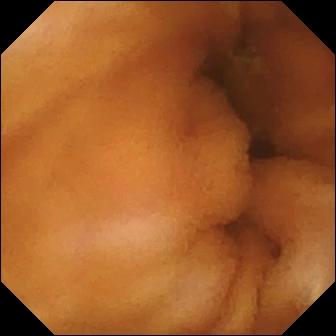This video capsule endoscopy snapshot shows normal clean mucosa.